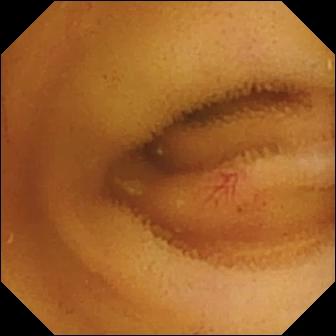Capsule endoscopy — angiectasia.